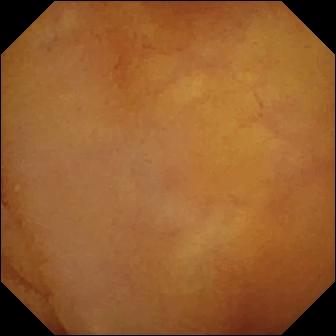- modality: small-bowel capsule endoscopy
- category: luminal finding
- impression: normal clean mucosa